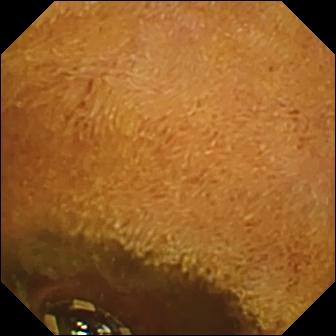Foreign body (e.g. retained capsule, tablet residue) (336×336).